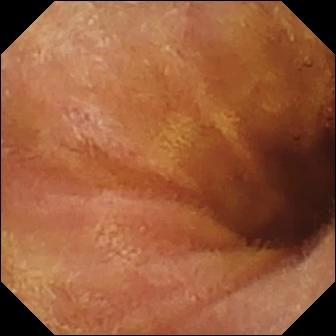Wireless capsule endoscopy snapshot (small bowel). Normal clean mucosa.